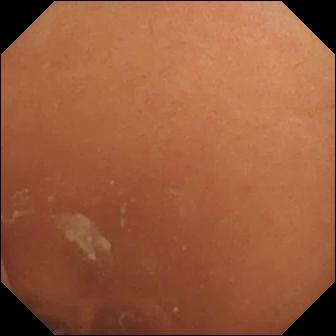modality: wireless capsule endoscopy | label: normal clean mucosa